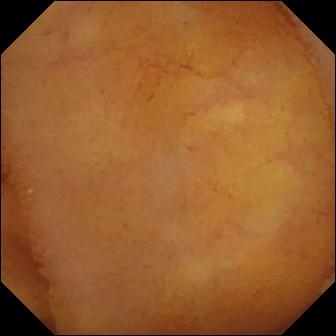{"modality": "small-bowel capsule endoscopy", "category": "luminal finding", "finding": "normal clean mucosa"}